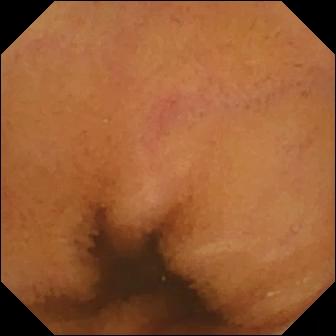modality: small-bowel capsule endoscopy
segment: small bowel
category: luminal finding
finding: normal clean mucosa